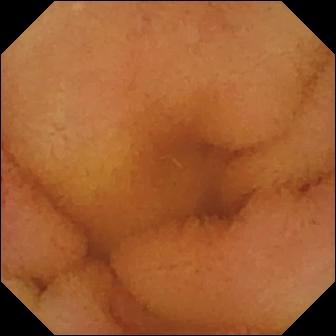Video capsule endoscopy image of the small bowel showing normal clean mucosa.